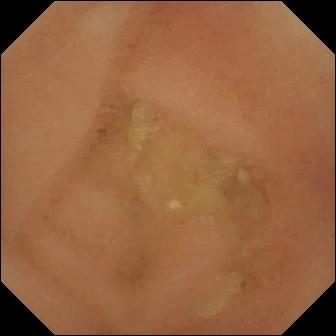Q: What does this small-bowel capsule endoscopy frame show?
A: Normal clean mucosa.